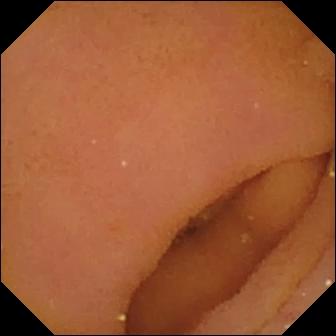Pylorus region (where the capsule passes from the stomach into the small bowel).